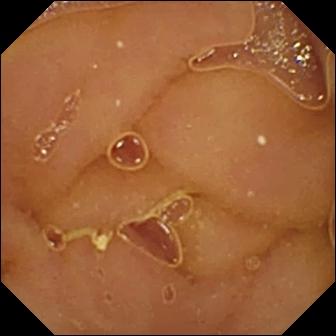Small-bowel capsule endoscopy still. Normal clean mucosa.